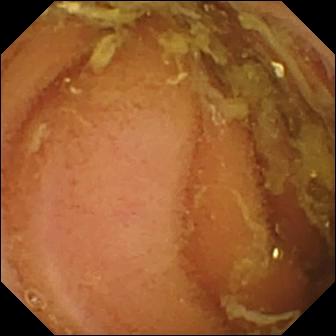VCE frame, small bowel
Label: normal clean mucosa